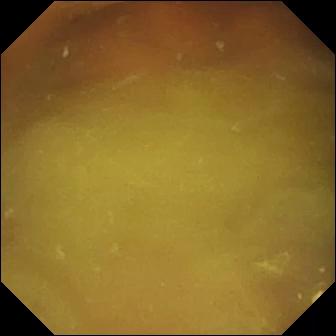Q: What does this VCE frame show?
A: Normal clean mucosa.